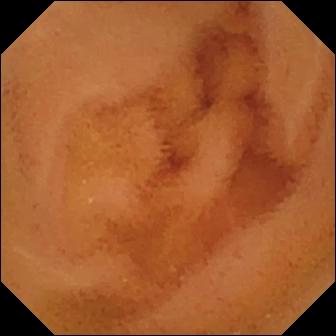PROCEDURE: Wireless capsule endoscopy.
SEGMENT: Small bowel.
FINDINGS: Normal clean mucosa.